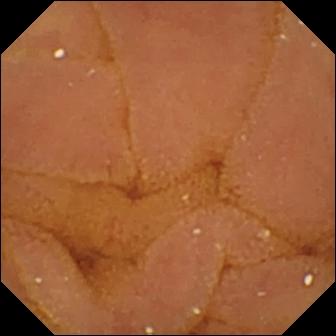{"modality": "capsule endoscopy", "segment": "small bowel", "finding": "normal clean mucosa"}